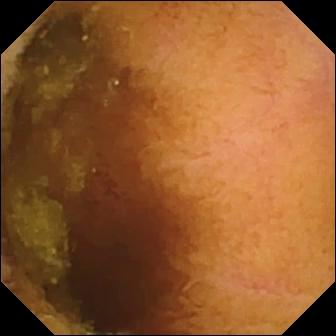Capsule endoscopy view (small bowel), 336×336. Normal clean mucosa.